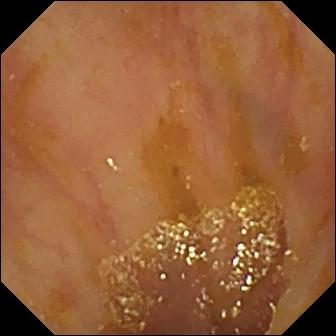- modality: VCE
- label: ileo-cecal valve region (where the capsule passes from the small bowel into the large bowel)